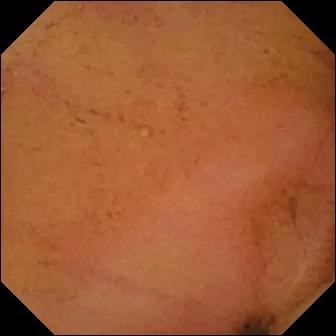Q: What does this WCE still show?
A: Normal clean mucosa.